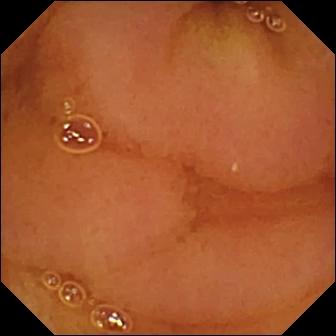PROCEDURE: Capsule endoscopy.
FINDINGS: Normal clean mucosa.